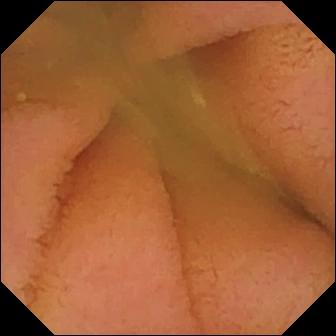modality: capsule endoscopy | category: luminal finding | observation: normal clean mucosa